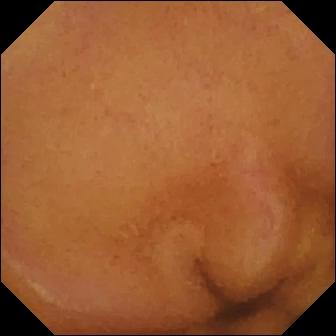VCE snapshot of the small bowel showing normal clean mucosa.